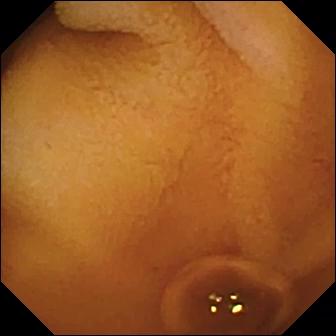- modality: capsule endoscopy
- segment: small intestine
- category: luminal finding
- observation: normal clean mucosa